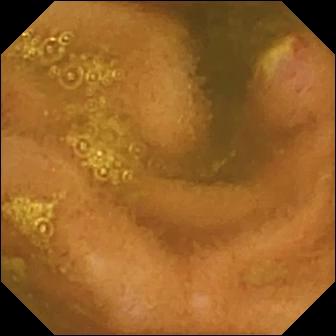WCE — ulcer.